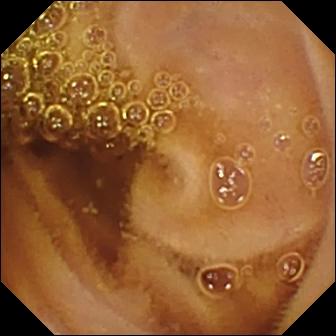Q: What does this VCE still show?
A: Normal clean mucosa.